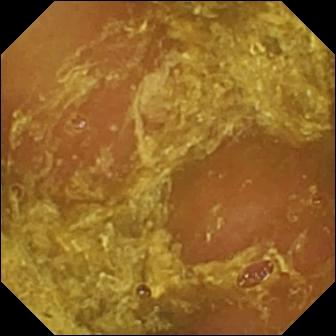Q: What does this small-bowel capsule endoscopy snapshot show?
A: Reduced mucosal view (content or bubbles obscuring the mucosa).